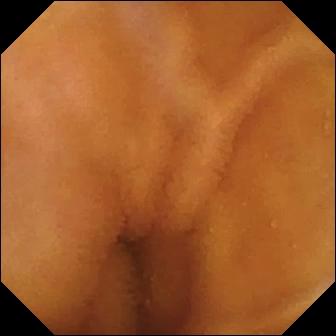PROCEDURE: WCE.
SEGMENT: Small bowel.
FINDINGS: Normal clean mucosa.